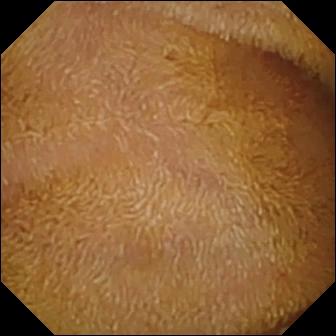Normal clean mucosa.